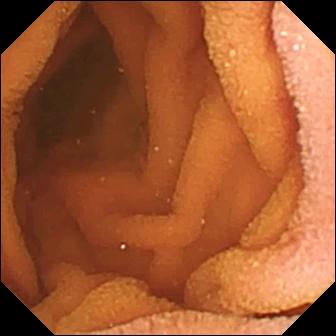Small-bowel capsule endoscopy snapshot, small intestine
Impression: normal clean mucosa